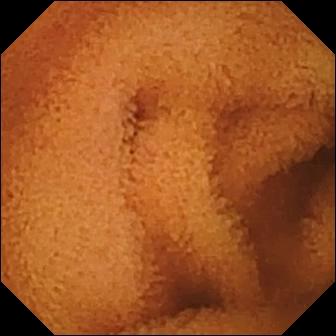modality: small-bowel capsule endoscopy; segment: small intestine; observation: normal clean mucosa